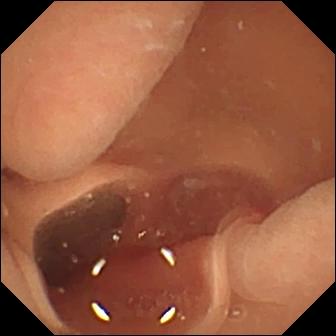This video capsule endoscopy still shows normal clean mucosa.